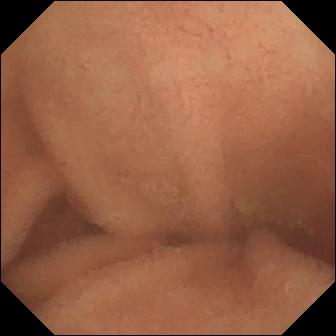PROCEDURE: WCE.
SEGMENT: Small intestine.
FINDINGS: Normal clean mucosa.